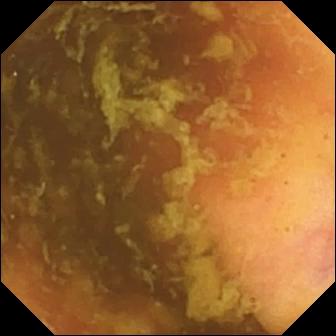Wireless capsule endoscopy view. Taken in the ileo-cecal valve region (the transition from the small bowel to the large bowel).